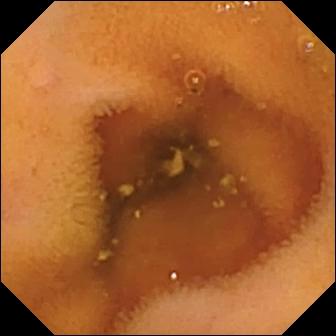- modality: capsule endoscopy
- segment: small bowel
- category: luminal finding
- label: normal clean mucosa